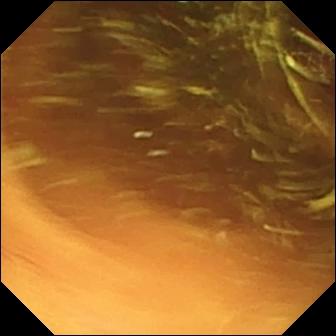Video capsule endoscopy still (small intestine). Normal clean mucosa.